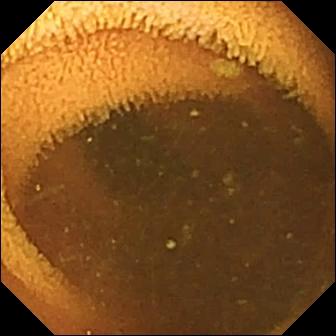Q: What does this wireless capsule endoscopy image of the small bowel show?
A: Normal clean mucosa.